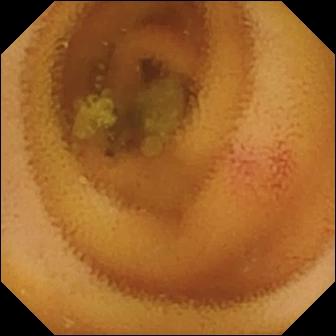{"modality": "wireless capsule endoscopy", "finding": "angiectasia"}